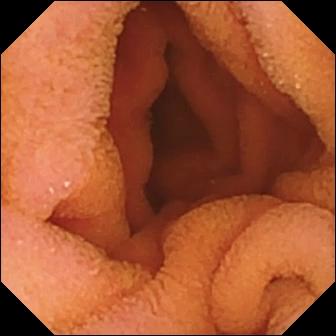Normal clean mucosa.